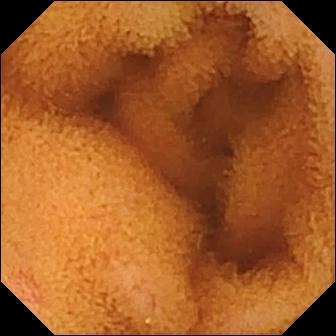Q: What does this VCE image of the small bowel show?
A: Normal clean mucosa.